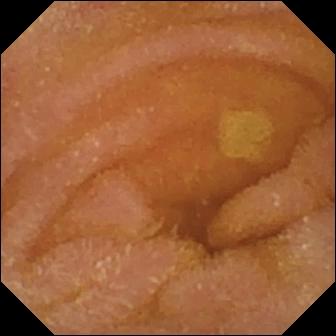Wireless capsule endoscopy frame, small bowel
Observation: normal clean mucosa